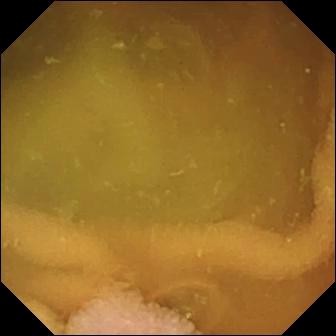This WCE frame shows normal clean mucosa.